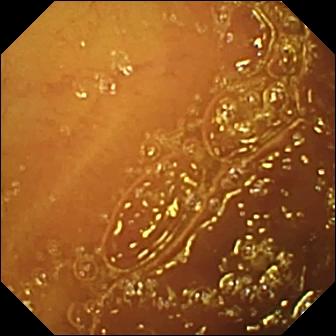Normal clean mucosa — small-bowel capsule endoscopy still.